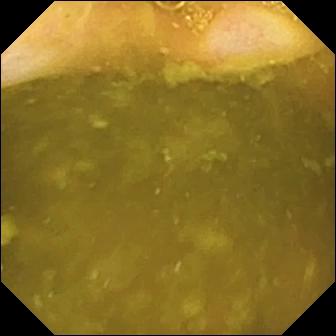Video capsule endoscopy frame. Taken in the ileo-cecal valve region (the transition from the small bowel to the large bowel).